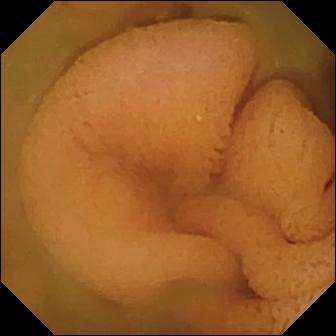Small-bowel capsule endoscopy still of the small intestine showing normal clean mucosa.